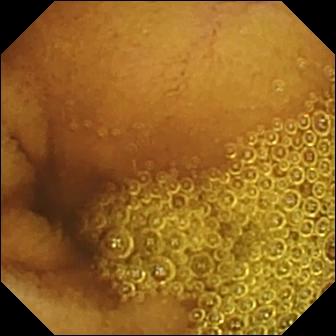Video capsule endoscopy image, 336×336. Normal clean mucosa.